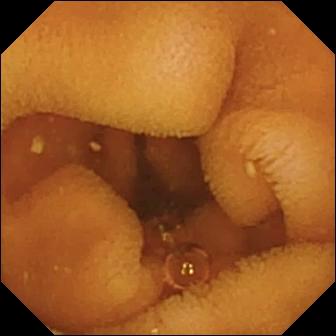This capsule endoscopy view of the small bowel shows normal clean mucosa.